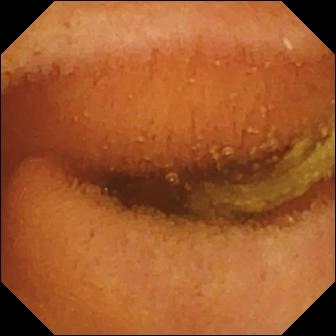Normal clean mucosa — capsule endoscopy view.